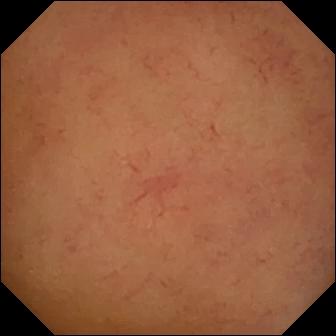Q: What does this VCE image of the small intestine show?
A: Normal clean mucosa.